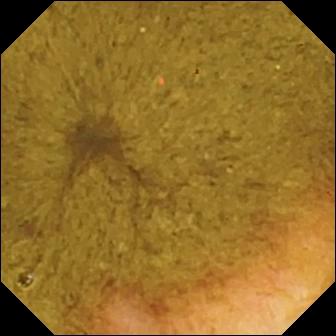- modality: capsule endoscopy
- video segment: ileo-cecal valve region (where the capsule passes from the small bowel into the large bowel)